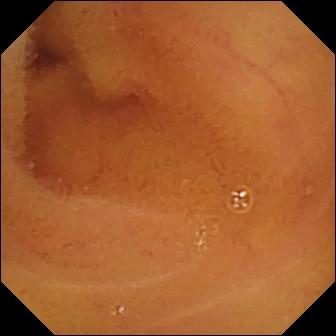This WCE still of the small bowel shows normal clean mucosa.